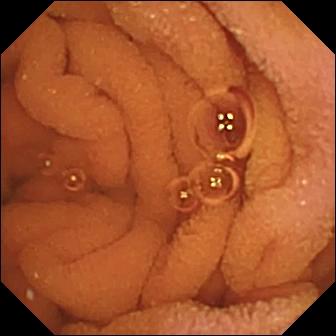Wireless capsule endoscopy — normal clean mucosa.